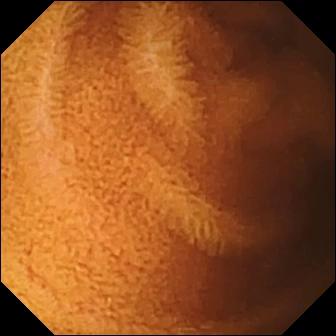Capsule endoscopy image showing normal clean mucosa.